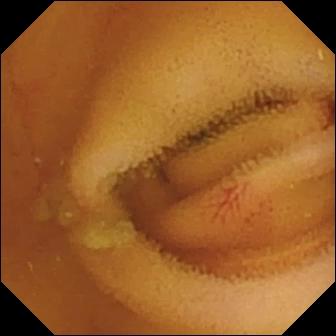PROCEDURE: Wireless capsule endoscopy.
FINDINGS: Angiectasia.